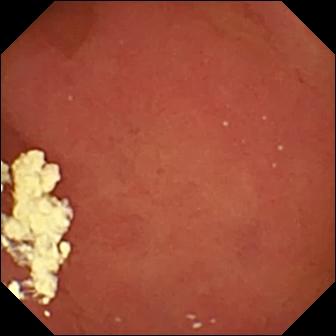PROCEDURE: Capsule endoscopy.
LOCATION: Pylorus region (the junction between the stomach and the small bowel).